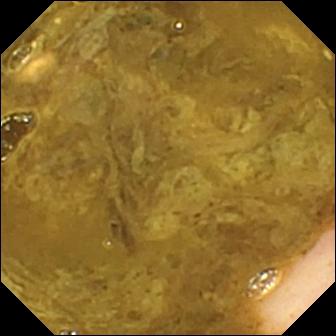modality: video capsule endoscopy | position: ileo-cecal valve region (the transition from the small bowel to the large bowel)